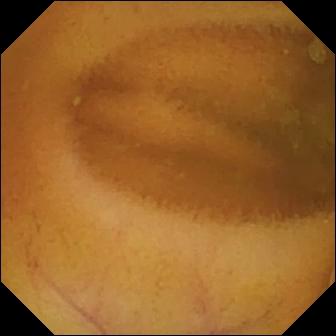PROCEDURE: VCE.
SEGMENT: Small intestine.
FINDINGS: Normal clean mucosa.